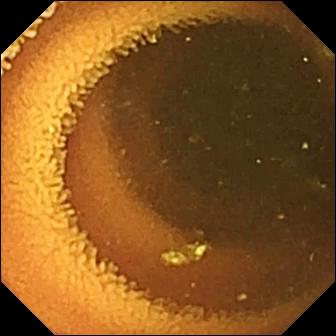PROCEDURE: Small-bowel capsule endoscopy.
FINDINGS: Normal clean mucosa.